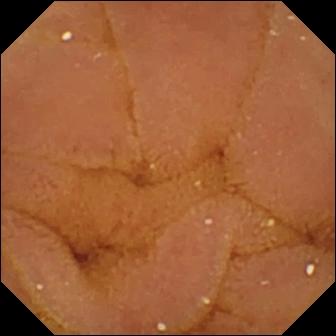Video capsule endoscopy still
Finding: normal clean mucosa